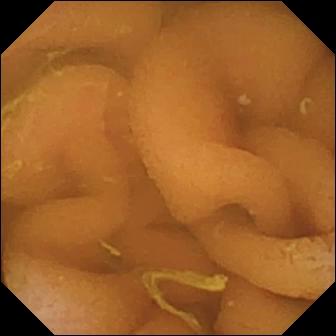Q: What does this small-bowel capsule endoscopy snapshot show?
A: Normal clean mucosa.